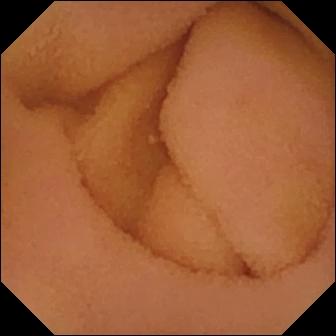This wireless capsule endoscopy frame of the small bowel shows normal clean mucosa.